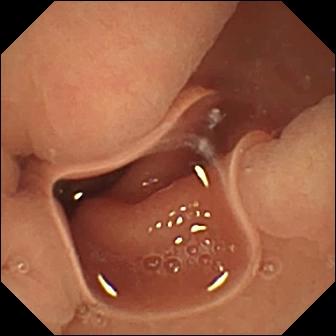PROCEDURE: Small-bowel capsule endoscopy.
FINDINGS: Normal clean mucosa.